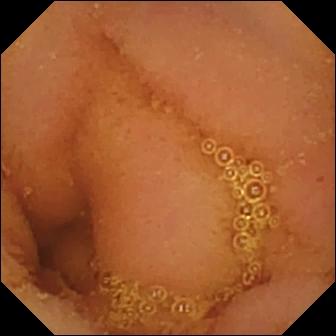modality: wireless capsule endoscopy | segment: small intestine | label: normal clean mucosa